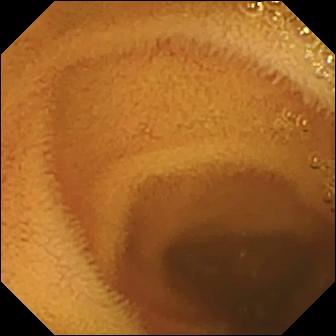WCE snapshot
Finding: normal clean mucosa